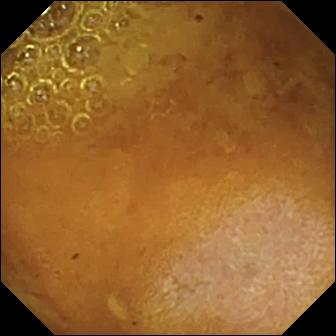Video capsule endoscopy view
Observation: reduced mucosal view (content or bubbles obscuring the mucosa)